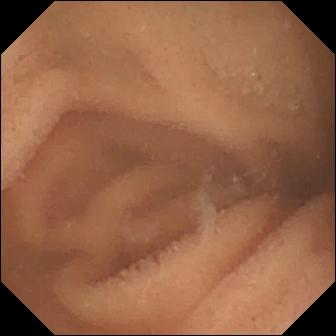modality: wireless capsule endoscopy | segment: small intestine | observation: normal clean mucosa